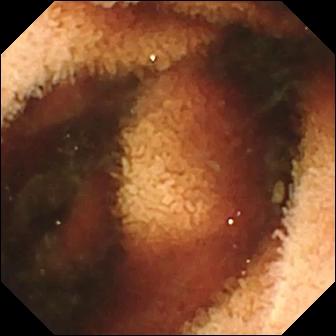modality: wireless capsule endoscopy | impression: fresh blood in the lumen